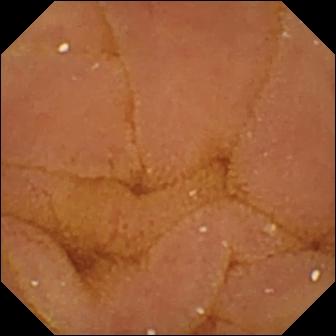WCE. Finding: normal clean mucosa.